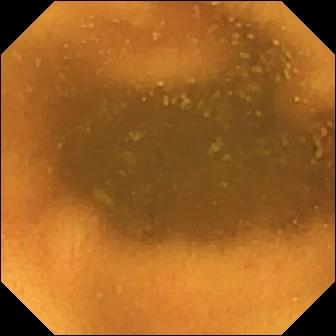This capsule endoscopy frame of the small intestine shows normal clean mucosa.